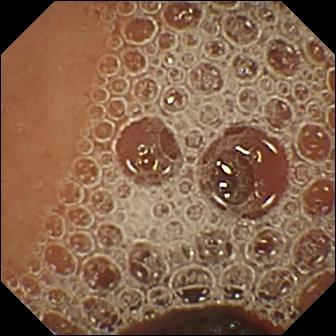PROCEDURE: VCE.
FINDINGS: Normal clean mucosa.